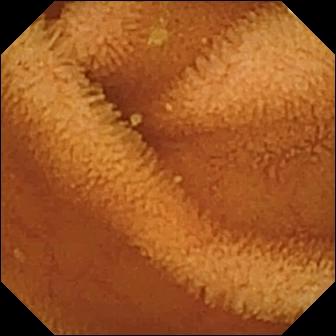{"modality": "WCE", "segment": "small bowel", "category": "luminal finding", "finding": "normal clean mucosa"}